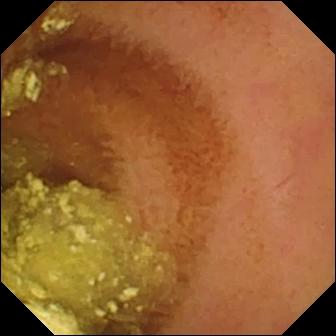WCE frame, small intestine
Impression: normal clean mucosa